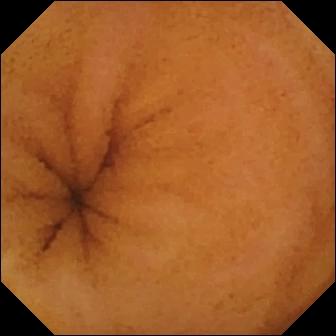VCE. Impression: normal clean mucosa.